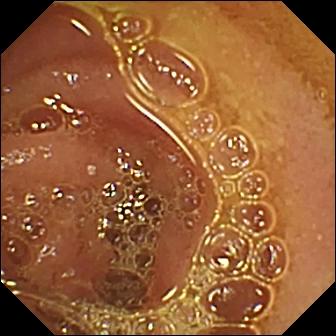Video capsule endoscopy — normal clean mucosa.